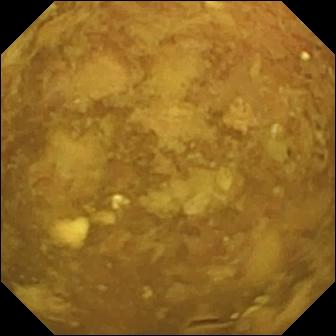Capsule endoscopy — reduced mucosal view (content or bubbles obscuring the mucosa).